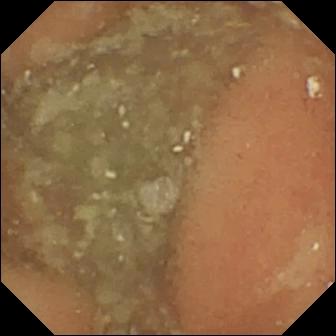Video capsule endoscopy image (small bowel). Normal clean mucosa.